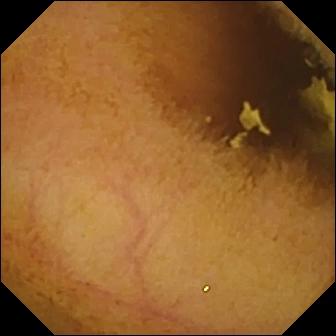This WCE still shows normal clean mucosa.